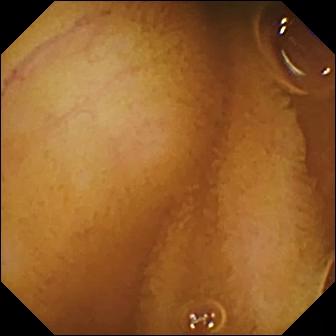{"modality": "WCE", "category": "luminal finding", "finding": "normal clean mucosa"}